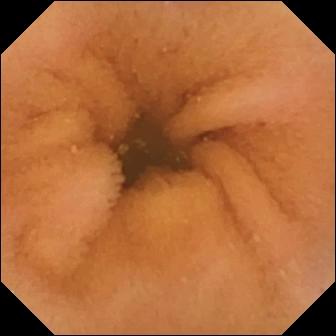Normal clean mucosa.